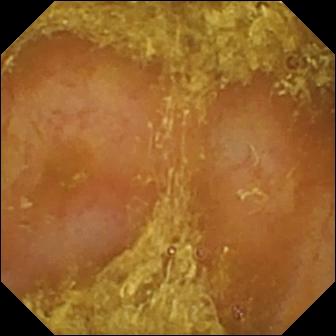modality: small-bowel capsule endoscopy
observation: reduced mucosal view (content or bubbles obscuring the mucosa)